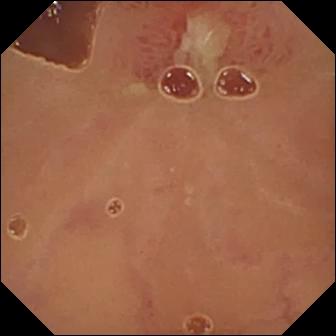Q: What does this WCE snapshot show?
A: Ulcer.